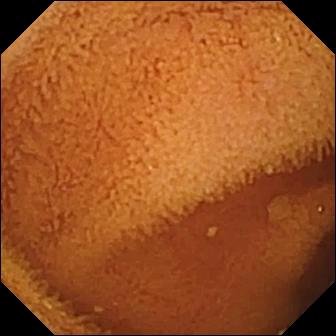Wireless capsule endoscopy — normal clean mucosa.